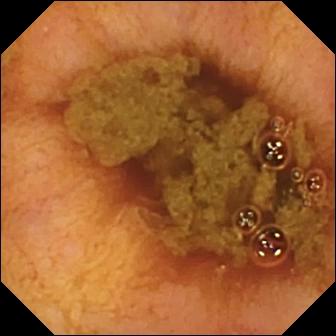- modality: small-bowel capsule endoscopy
- label: ileo-cecal valve region (where the capsule passes from the small bowel into the large bowel)